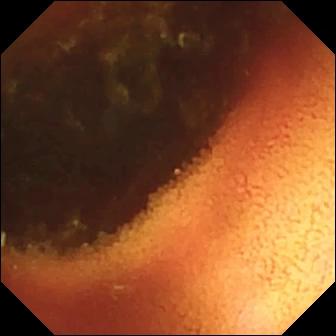modality: VCE
video segment: ileo-cecal valve region (the transition from the small bowel to the large bowel)